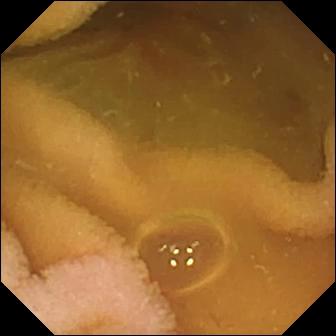{"modality": "video capsule endoscopy", "segment": "small bowel", "finding": "normal clean mucosa"}